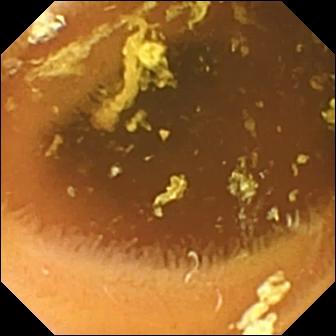VCE still (small intestine). Normal clean mucosa.